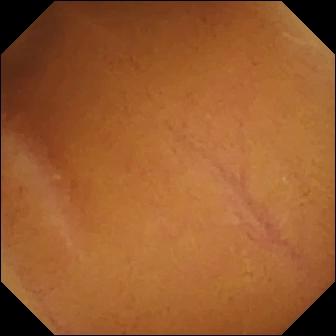Normal clean mucosa.